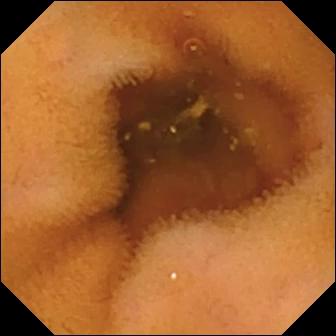This small-bowel capsule endoscopy image of the small intestine shows normal clean mucosa.